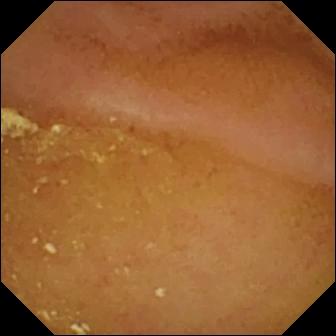WCE frame of the small bowel showing normal clean mucosa.